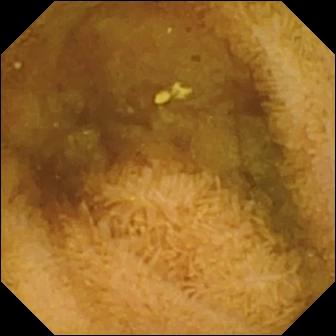PROCEDURE: VCE.
FINDINGS: Normal clean mucosa.